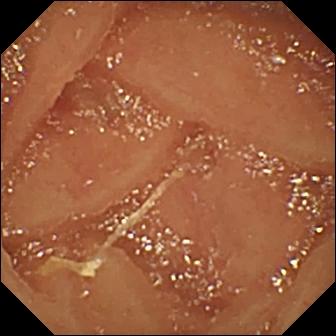PROCEDURE: Wireless capsule endoscopy.
FINDINGS: Normal clean mucosa.